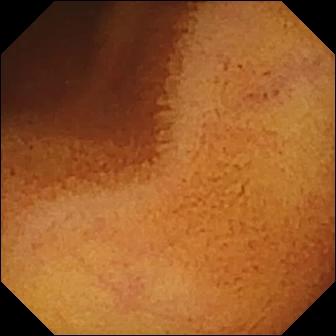This VCE still shows normal clean mucosa.